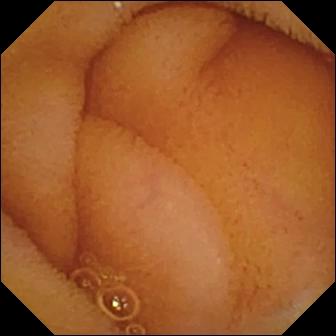PROCEDURE: Video capsule endoscopy.
FINDINGS: Normal clean mucosa.